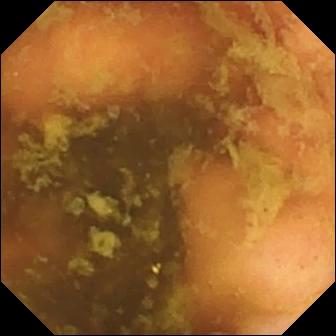Ileo-cecal valve region (where the capsule passes from the small bowel into the large bowel).